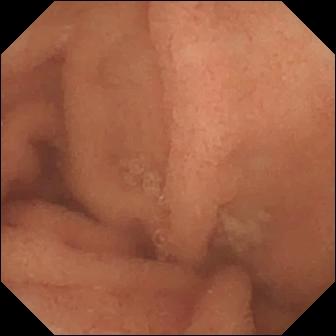- modality: WCE
- category: luminal finding
- label: normal clean mucosa